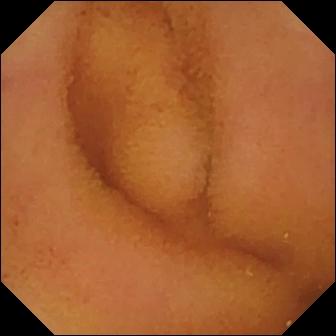Small-bowel capsule endoscopy still (small intestine). Normal clean mucosa.